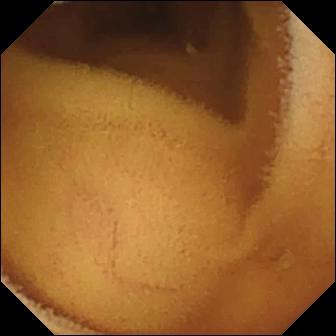Q: What does this video capsule endoscopy view show?
A: Normal clean mucosa.